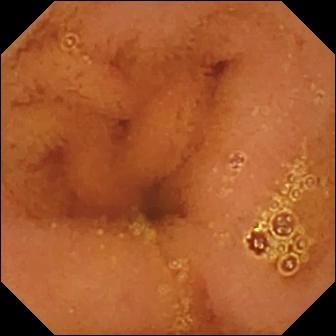modality: capsule endoscopy
impression: normal clean mucosa